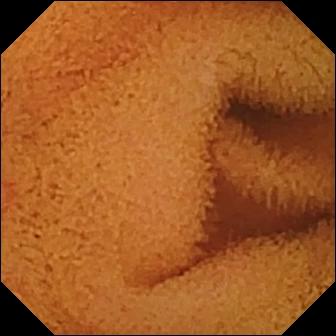Capsule endoscopy snapshot. Normal clean mucosa.